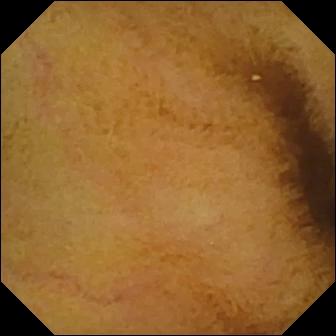Video capsule endoscopy — normal clean mucosa.